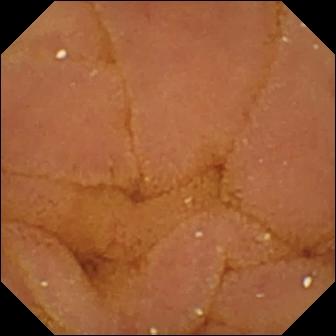Q: What does this capsule endoscopy view show?
A: Normal clean mucosa.